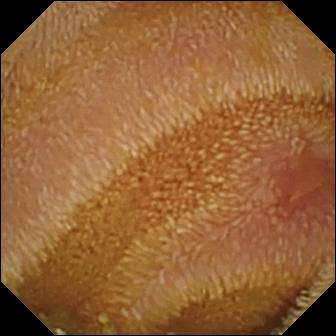VCE — erosion.